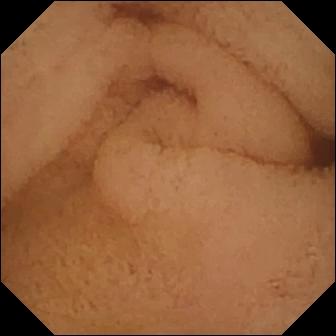Wireless capsule endoscopy image taken in the pylorus region.